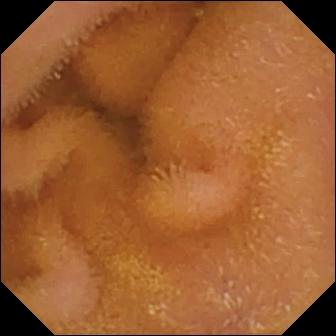Normal clean mucosa.